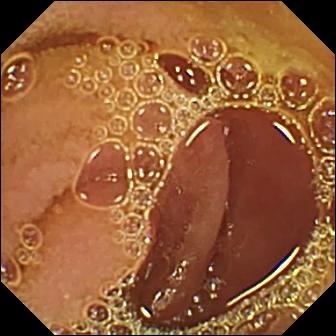- modality: WCE
- category: luminal finding
- finding: normal clean mucosa